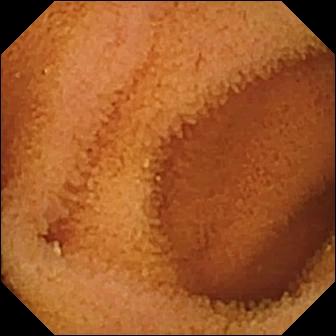Capsule endoscopy. Small bowel. Finding: normal clean mucosa.